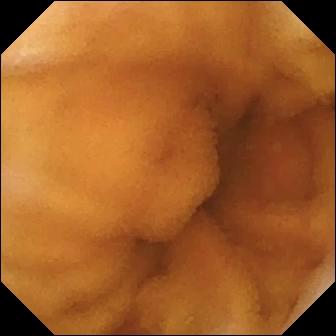modality: wireless capsule endoscopy; category: luminal finding; impression: normal clean mucosa